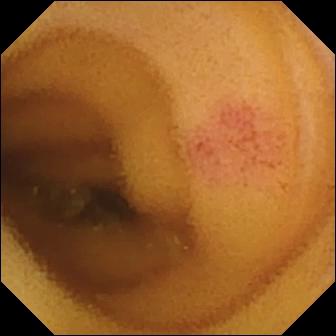Angiectasia — video capsule endoscopy frame.